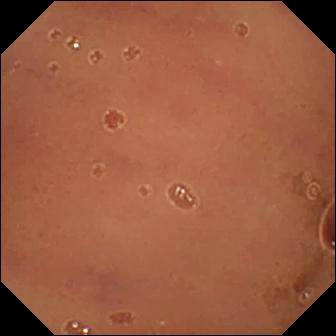- modality: wireless capsule endoscopy
- segment: small intestine
- finding: normal clean mucosa